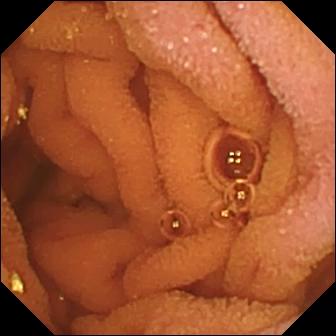Normal clean mucosa.